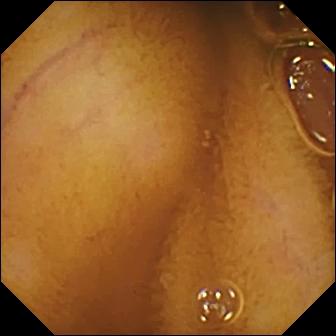WCE snapshot of the small intestine showing normal clean mucosa.